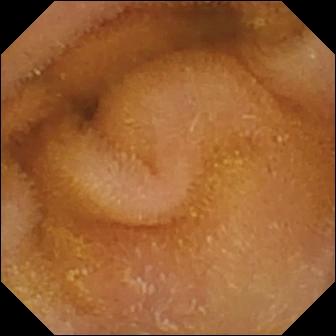Wireless capsule endoscopy frame, 336×336. Normal clean mucosa.